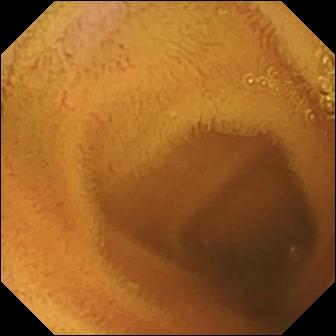This WCE frame shows normal clean mucosa.